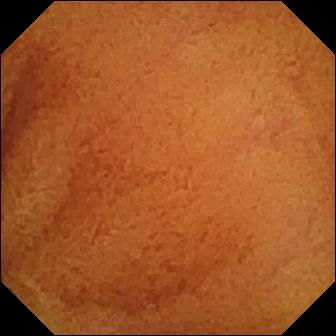Small-bowel capsule endoscopy view of the small intestine showing normal clean mucosa.